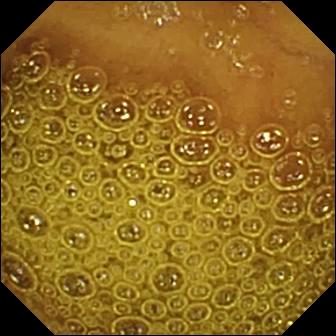WCE — normal clean mucosa.